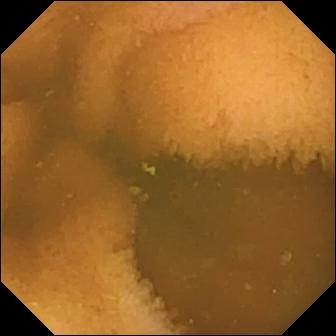Small-bowel capsule endoscopy — normal clean mucosa.